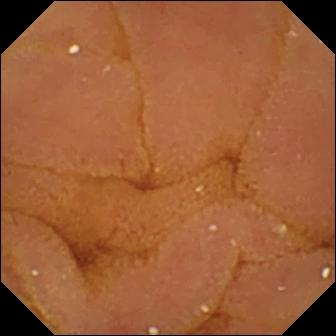WCE. Small intestine. Finding: normal clean mucosa.